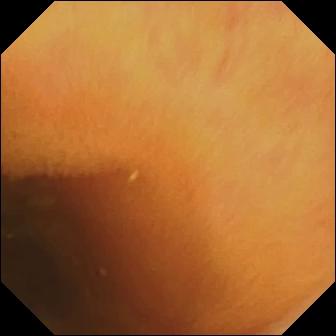Wireless capsule endoscopy still. Normal clean mucosa.